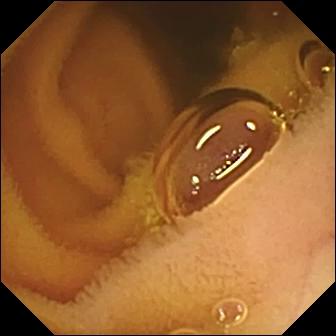{"modality": "WCE", "category": "luminal finding", "finding": "normal clean mucosa"}